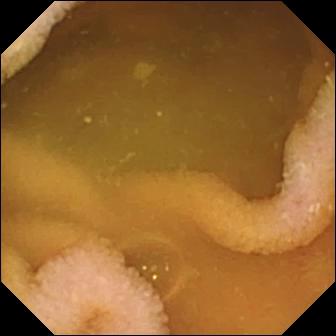VCE. Small intestine. Finding: normal clean mucosa.